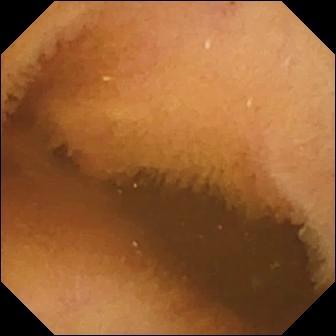Capsule endoscopy view. Normal clean mucosa.